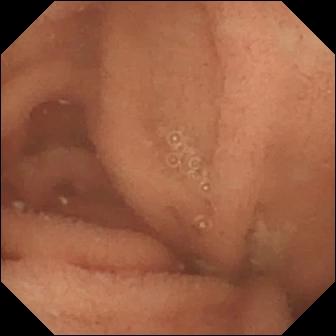Wireless capsule endoscopy image of the small intestine showing normal clean mucosa.